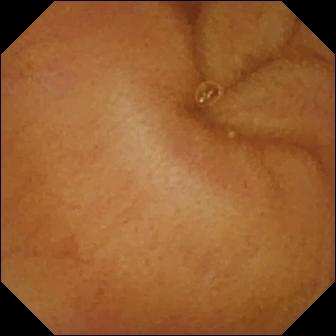- modality: video capsule endoscopy
- finding: normal clean mucosa